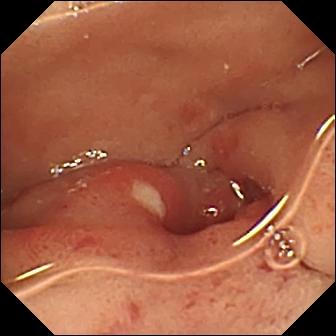Q: What does this video capsule endoscopy frame show?
A: Ulcer.